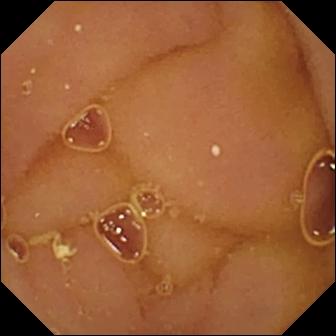VCE view, small intestine
Label: normal clean mucosa